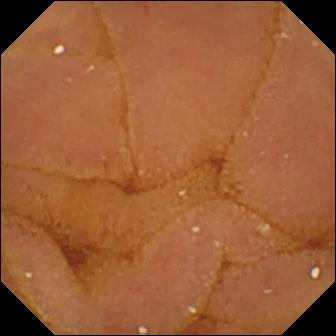PROCEDURE: Capsule endoscopy.
FINDINGS: Normal clean mucosa.